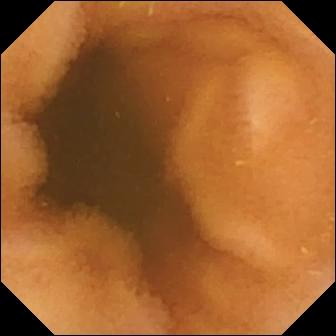This small-bowel capsule endoscopy still of the small intestine shows normal clean mucosa.